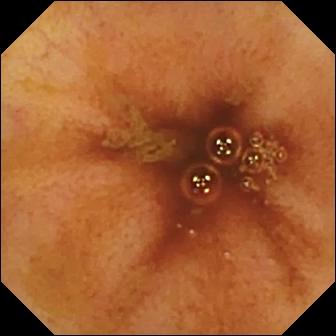Ileo-cecal valve region — WCE snapshot.